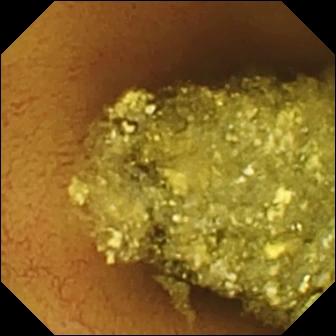{"modality": "WCE", "segment": "small bowel", "finding": "normal clean mucosa"}